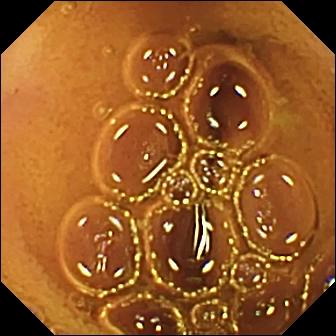Small-bowel capsule endoscopy view showing normal clean mucosa.